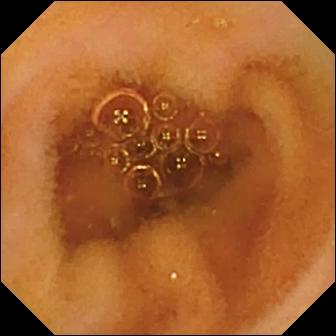Normal clean mucosa — WCE image of the small intestine.